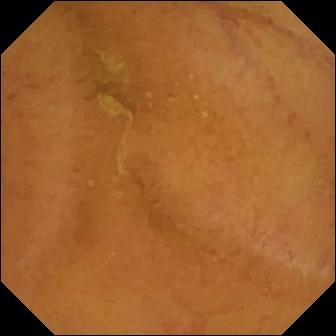Video capsule endoscopy — normal clean mucosa.